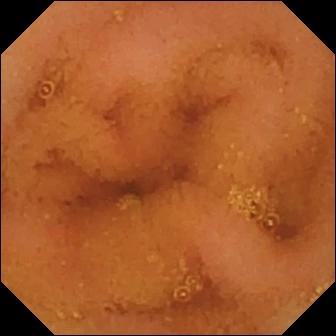Normal clean mucosa — video capsule endoscopy view.